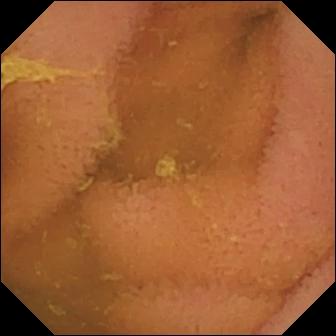WCE snapshot. Normal clean mucosa.